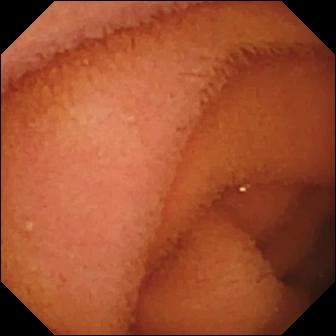Capsule endoscopy — normal clean mucosa.